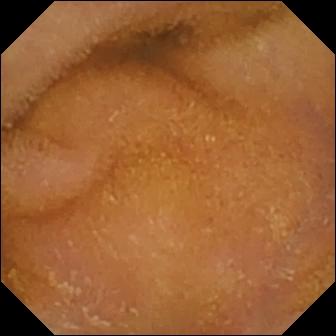Small-bowel capsule endoscopy frame, small intestine
Finding: normal clean mucosa